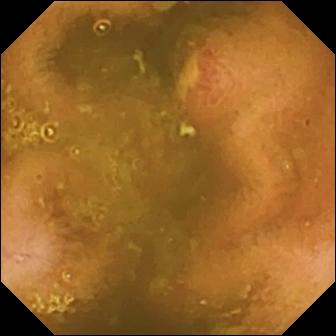- modality: video capsule endoscopy
- category: luminal finding
- label: ulcer